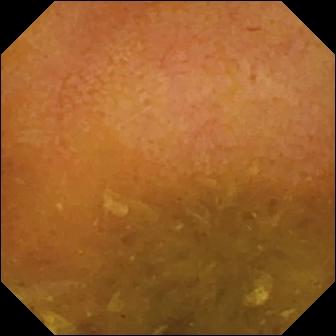modality: small-bowel capsule endoscopy
segment: small bowel
finding: reduced mucosal view (content or bubbles obscuring the mucosa)